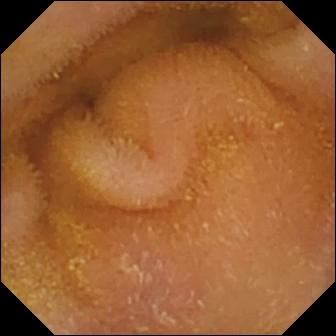WCE still
Label: normal clean mucosa